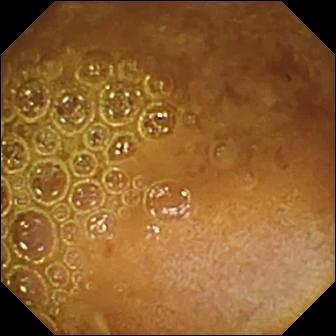Wireless capsule endoscopy frame. Reduced mucosal view (content or bubbles obscuring the mucosa).